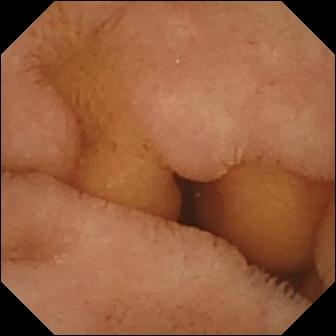Video capsule endoscopy still, small intestine
Impression: normal clean mucosa